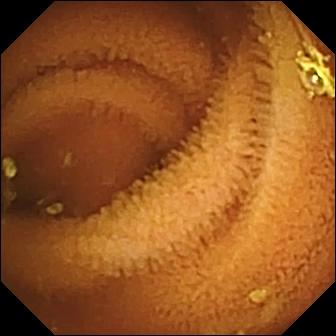{"modality": "VCE", "category": "luminal finding", "finding": "normal clean mucosa"}